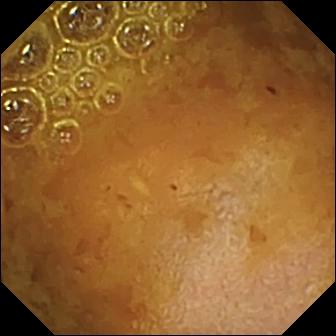Wireless capsule endoscopy still (small intestine), 336×336. Reduced mucosal view (content or bubbles obscuring the mucosa).